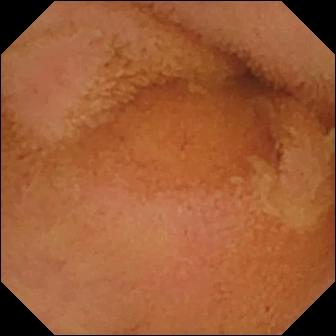PROCEDURE: Capsule endoscopy.
SEGMENT: Small intestine.
FINDINGS: Normal clean mucosa.